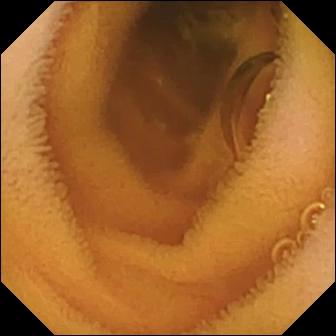Normal clean mucosa — small-bowel capsule endoscopy image.